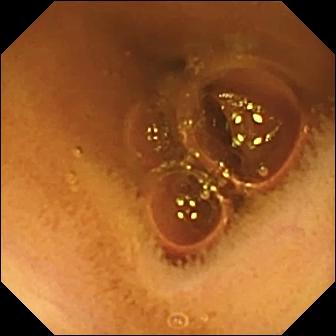This WCE frame shows normal clean mucosa.